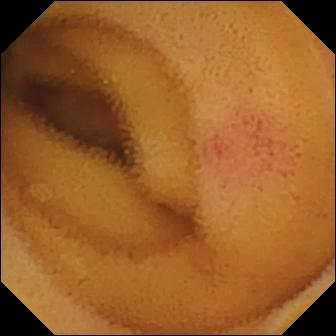This capsule endoscopy snapshot shows angiectasia.